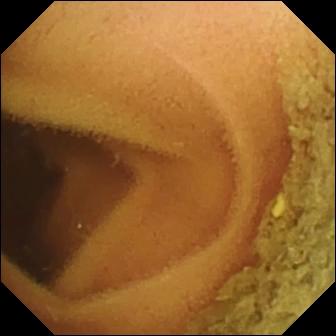Normal clean mucosa.